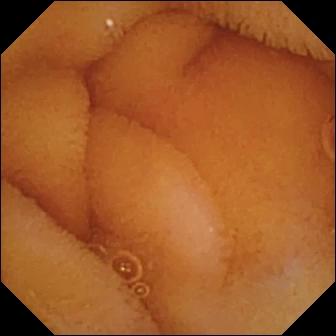Normal clean mucosa.